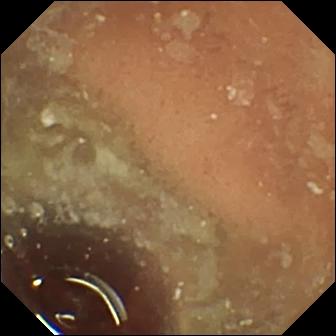VCE — normal clean mucosa.